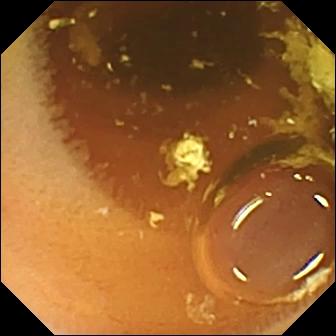PROCEDURE: WCE.
SEGMENT: Small intestine.
FINDINGS: Normal clean mucosa.